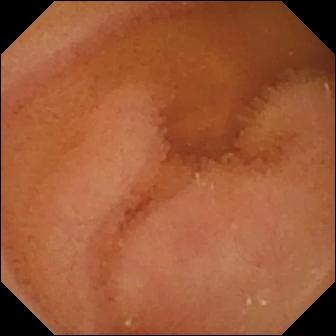VCE. Label: normal clean mucosa.